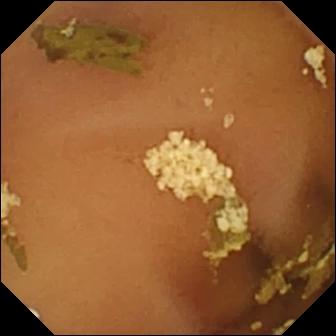This capsule endoscopy image shows normal clean mucosa.